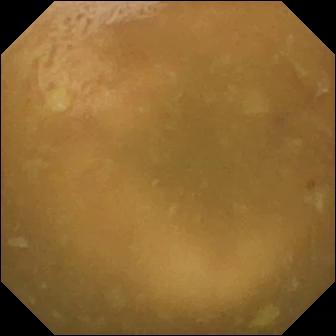This VCE frame was taken in the ileo-cecal valve region (where the capsule passes from the small bowel into the large bowel).